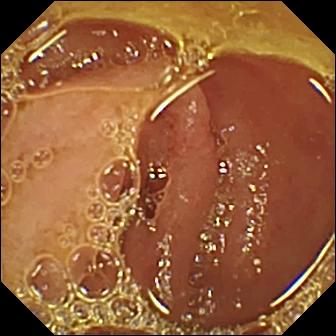PROCEDURE: WCE.
FINDINGS: Normal clean mucosa.